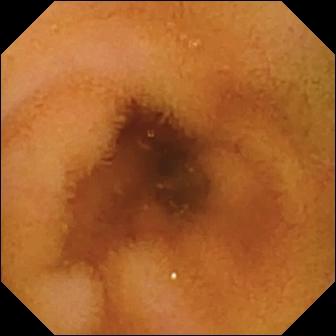VCE. Small bowel. Impression: normal clean mucosa.